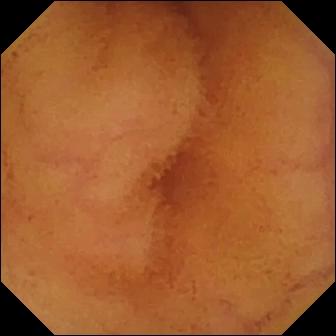Q: What does this WCE frame show?
A: Normal clean mucosa.